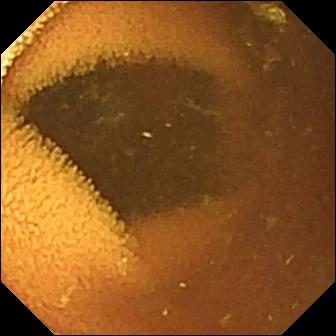Wireless capsule endoscopy view. Normal clean mucosa.